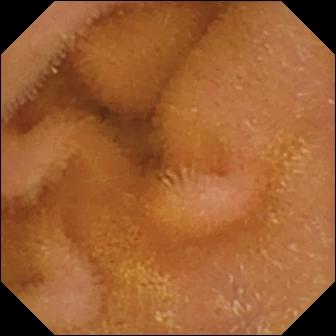Normal clean mucosa — small-bowel capsule endoscopy view.